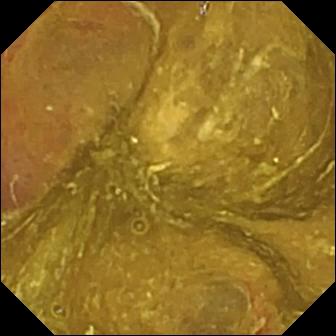- modality: capsule endoscopy
- position: ileo-cecal valve region (where the capsule passes from the small bowel into the large bowel)